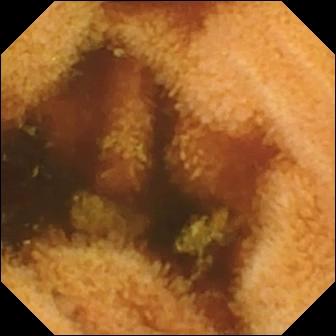Video capsule endoscopy image showing normal clean mucosa.